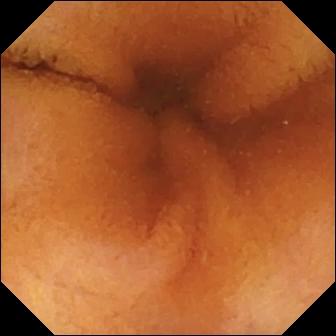Q: What does this WCE view of the small bowel show?
A: Normal clean mucosa.